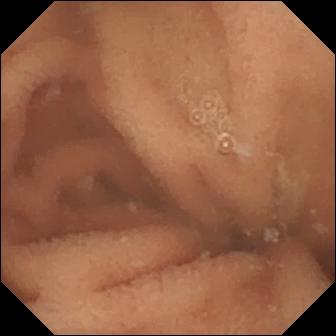This wireless capsule endoscopy view of the small bowel shows normal clean mucosa.